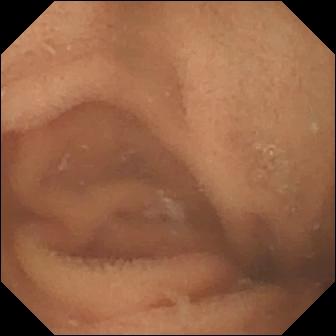VCE frame showing normal clean mucosa.